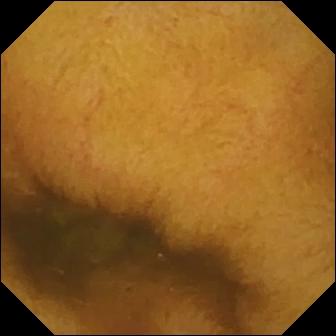Normal clean mucosa.